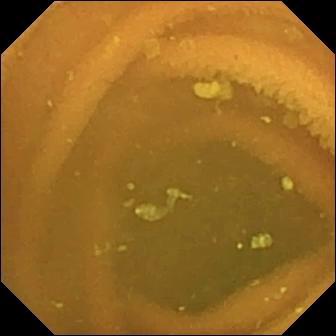- modality: capsule endoscopy
- segment: small bowel
- category: luminal finding
- observation: normal clean mucosa